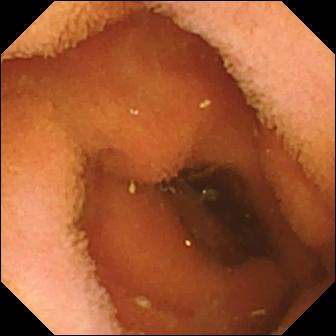Wireless capsule endoscopy image of the small bowel showing normal clean mucosa.